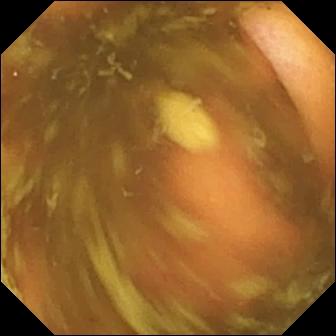Ileo-cecal valve region (the transition from the small bowel to the large bowel).